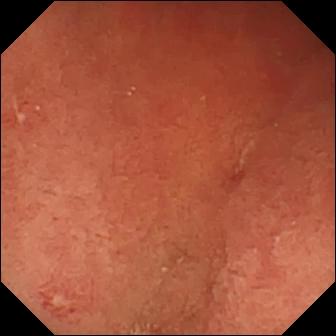Erosion — VCE view.